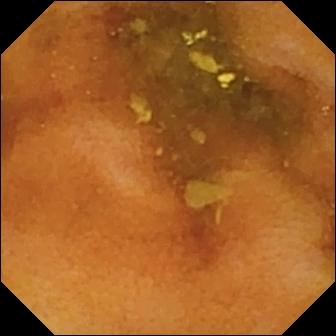Normal clean mucosa.